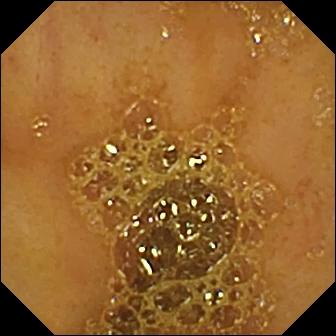- modality: video capsule endoscopy
- video segment: ileo-cecal valve region (where the capsule passes from the small bowel into the large bowel)